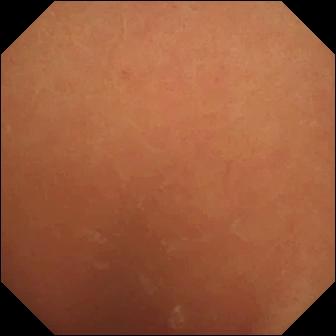Capsule endoscopy view, 336×336. Normal clean mucosa.